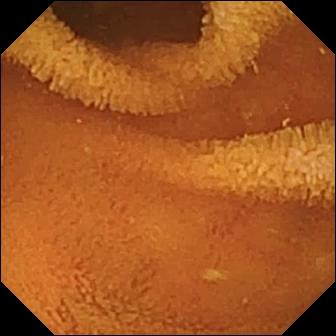VCE frame, 336×336. Normal clean mucosa.